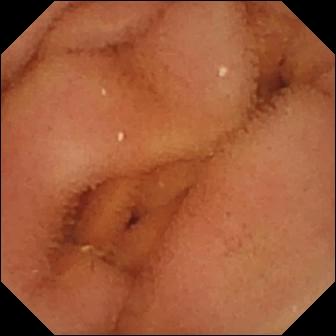Video capsule endoscopy. Small bowel. Label: normal clean mucosa.